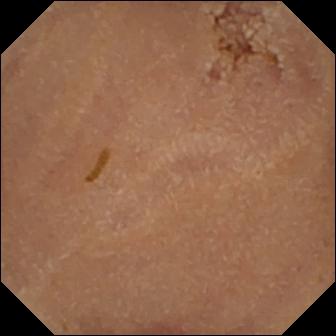WCE snapshot, small intestine
Finding: normal clean mucosa